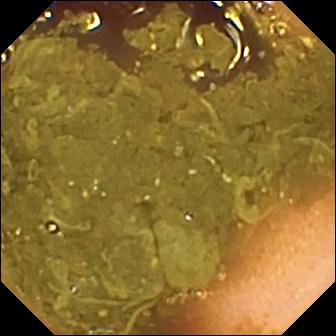VCE snapshot. Taken in the ileo-cecal valve region (the transition from the small bowel to the large bowel).